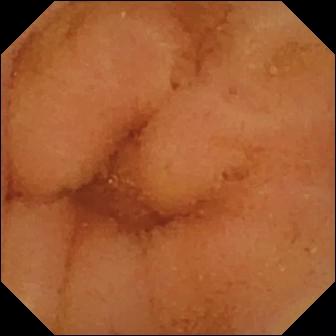Video capsule endoscopy view showing normal clean mucosa.